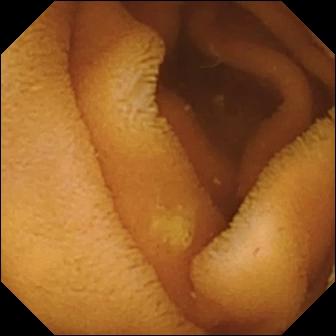- modality: WCE
- observation: normal clean mucosa